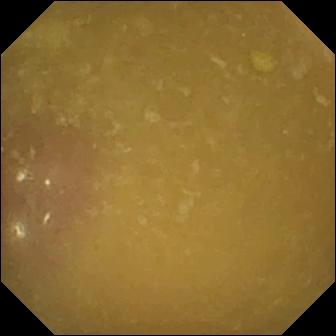Capsule endoscopy view. Taken in the ileo-cecal valve region (where the capsule passes from the small bowel into the large bowel).